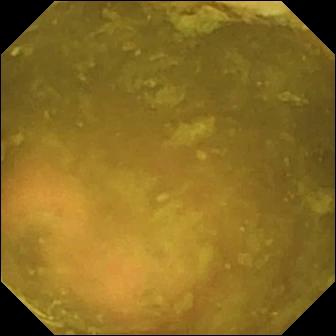Capsule endoscopy — ileo-cecal valve region (where the capsule passes from the small bowel into the large bowel).